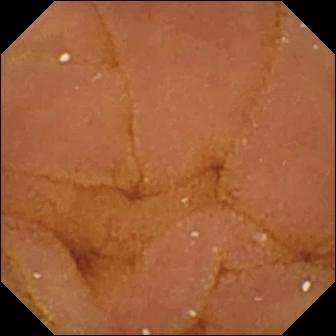Small-bowel capsule endoscopy. Label: normal clean mucosa.